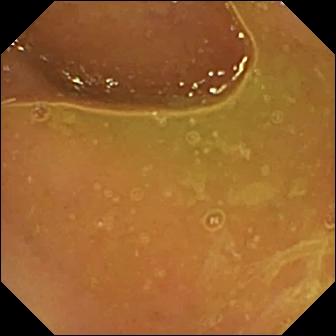Q: What does this video capsule endoscopy still of the small intestine show?
A: Normal clean mucosa.